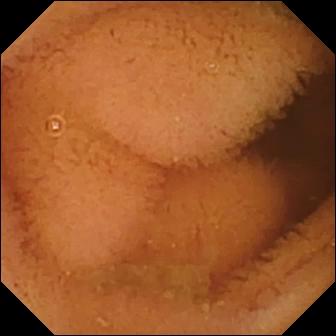Video capsule endoscopy image, 336×336. Normal clean mucosa.